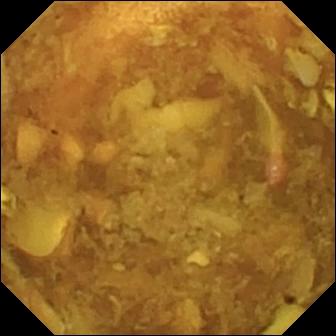PROCEDURE: WCE.
SEGMENT: Small bowel.
FINDINGS: Reduced mucosal view (content or bubbles obscuring the mucosa).